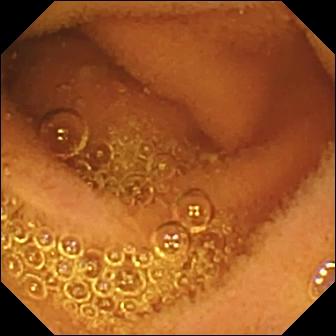Small-bowel capsule endoscopy. Finding: normal clean mucosa.